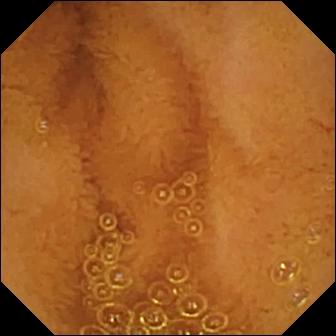This wireless capsule endoscopy frame shows normal clean mucosa.